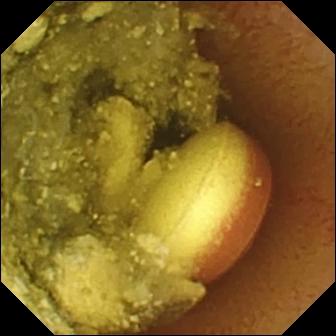WCE image
Finding: foreign body (e.g. retained capsule, tablet residue)